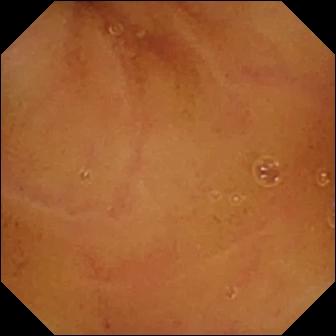Wireless capsule endoscopy view of the small bowel showing normal clean mucosa.